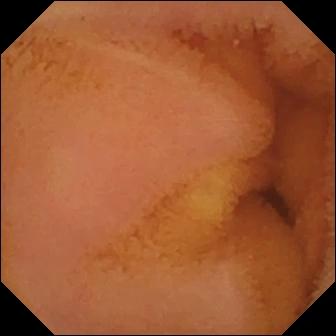Normal clean mucosa.